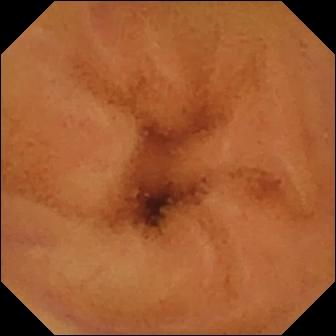Normal clean mucosa.